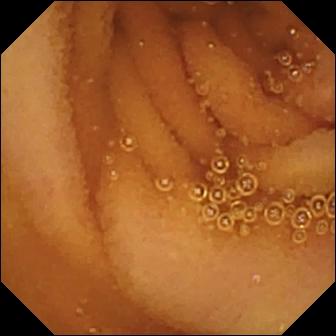Normal clean mucosa — video capsule endoscopy image.